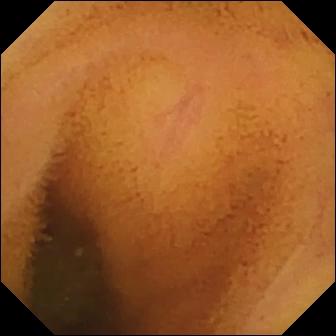WCE — normal clean mucosa.